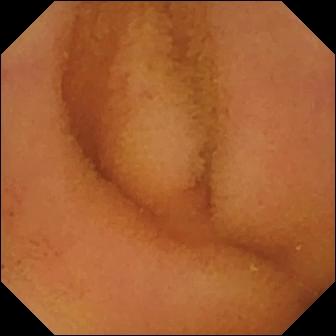VCE snapshot of the small intestine showing normal clean mucosa.